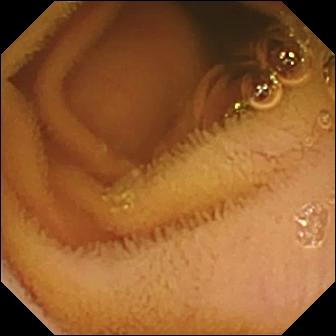WCE — normal clean mucosa.